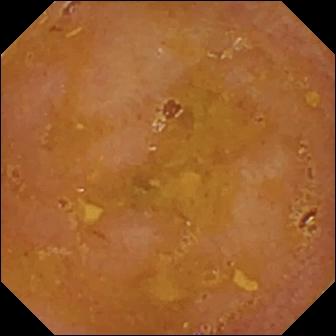Video capsule endoscopy — reduced mucosal view (content or bubbles obscuring the mucosa).